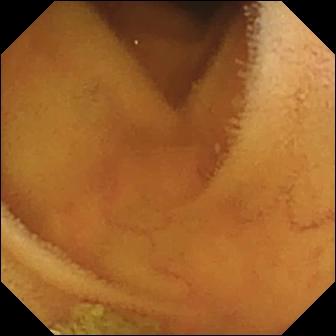Capsule endoscopy snapshot, small bowel
Impression: normal clean mucosa